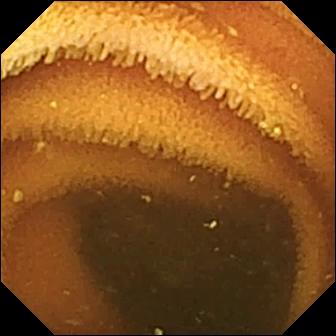- modality: capsule endoscopy
- category: luminal finding
- label: normal clean mucosa